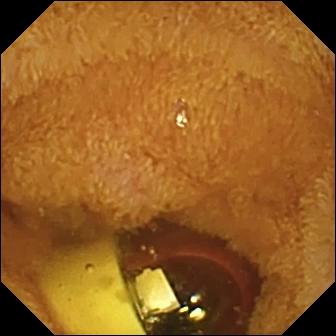Foreign body (e.g. retained capsule, tablet residue).